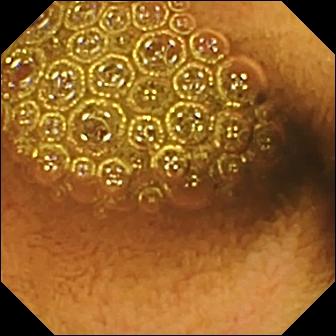Q: What does this wireless capsule endoscopy frame of the small intestine show?
A: Reduced mucosal view (content or bubbles obscuring the mucosa).